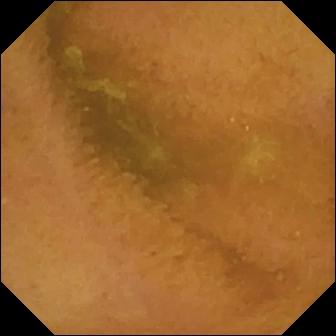Normal clean mucosa — WCE frame.